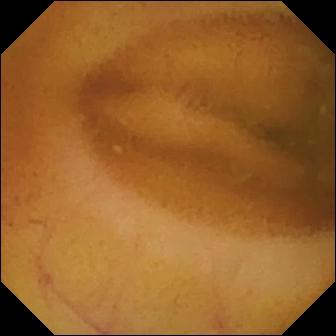{"modality": "VCE", "finding": "normal clean mucosa"}